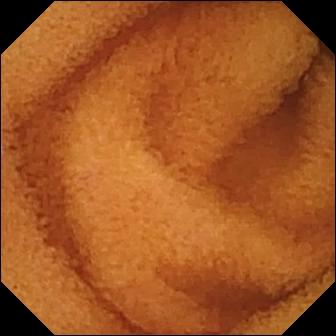WCE — normal clean mucosa.